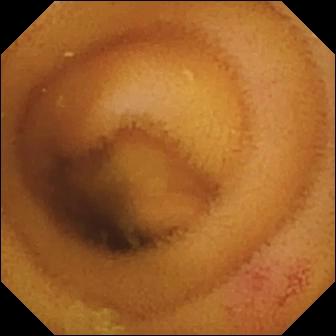Q: What does this VCE frame show?
A: Angiectasia.